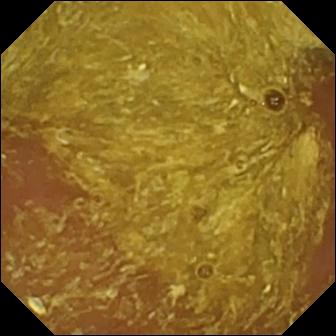WCE still, 336×336. Reduced mucosal view (content or bubbles obscuring the mucosa).